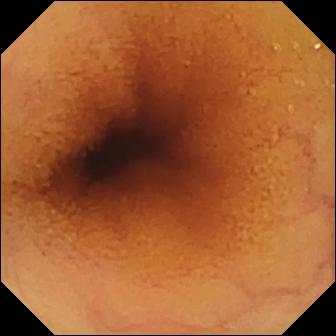Q: What does this wireless capsule endoscopy snapshot of the small intestine show?
A: Normal clean mucosa.